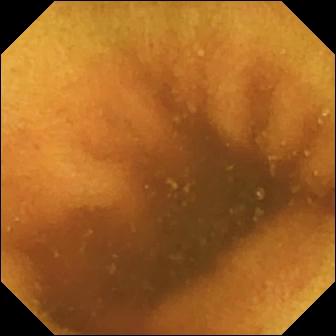Wireless capsule endoscopy — normal clean mucosa.